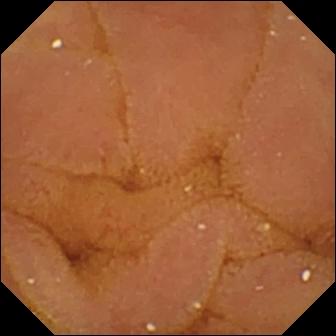modality: capsule endoscopy
category: luminal finding
label: normal clean mucosa